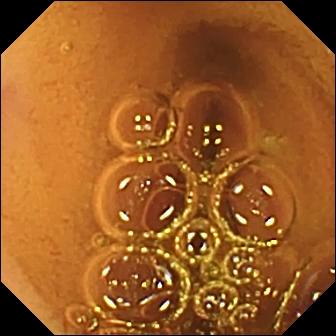- modality: small-bowel capsule endoscopy
- segment: small intestine
- impression: normal clean mucosa